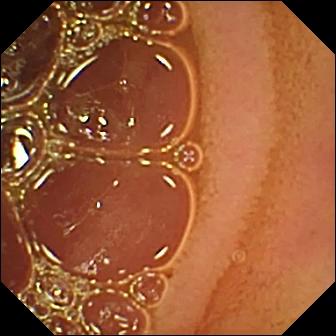{"modality": "small-bowel capsule endoscopy", "category": "luminal finding", "finding": "normal clean mucosa"}